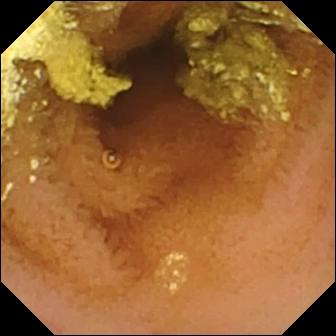Normal clean mucosa — VCE still.